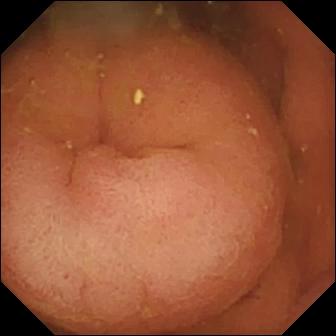Pylorus region (where the capsule passes from the stomach into the small bowel).